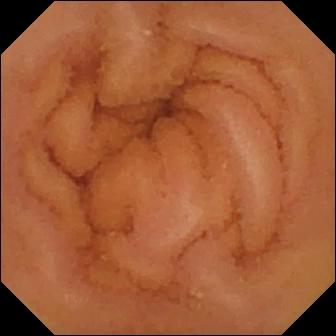modality: small-bowel capsule endoscopy; finding: normal clean mucosa